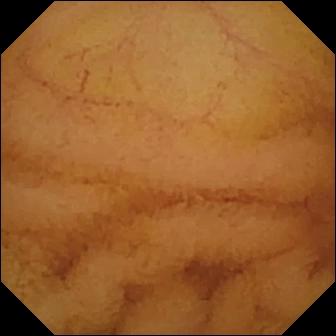Normal clean mucosa (336×336).